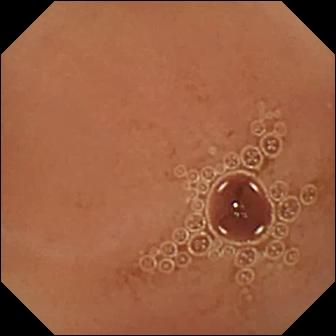{"modality": "wireless capsule endoscopy", "finding": "normal clean mucosa"}